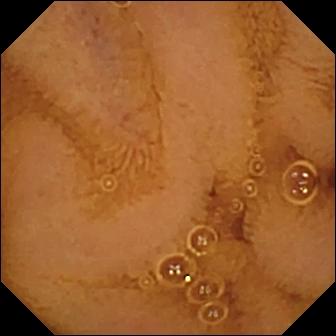Normal clean mucosa — wireless capsule endoscopy snapshot of the small intestine.